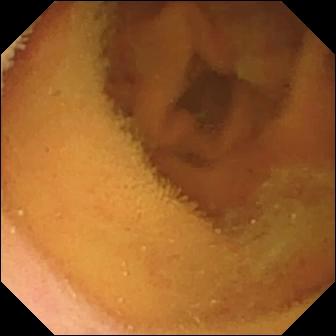VCE frame (small bowel), 336×336. Normal clean mucosa.